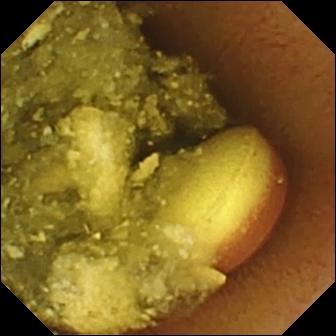VCE frame showing foreign body (e.g. retained capsule, tablet residue).